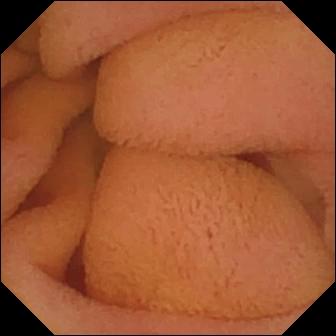Q: What does this capsule endoscopy snapshot of the small intestine show?
A: Normal clean mucosa.